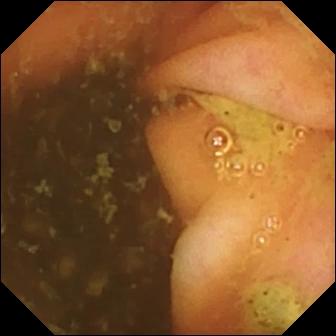Ileo-cecal valve region (where the capsule passes from the small bowel into the large bowel) — capsule endoscopy frame.